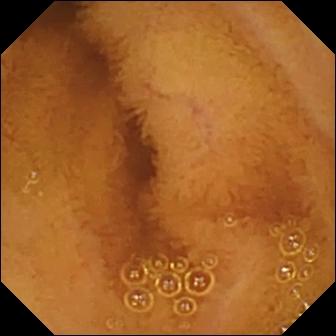Wireless capsule endoscopy still showing normal clean mucosa.